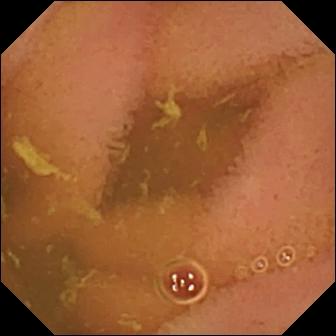PROCEDURE: Wireless capsule endoscopy.
FINDINGS: Normal clean mucosa.